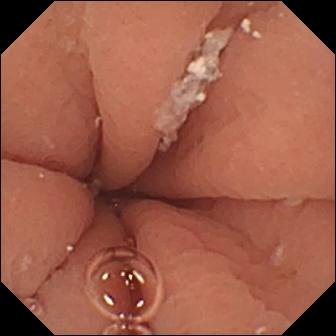VCE still. Taken in the pylorus region.